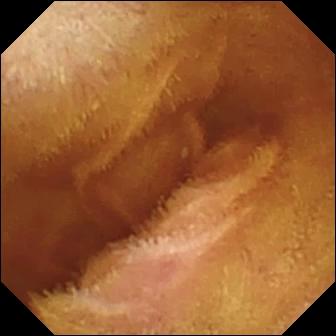VCE — normal clean mucosa.